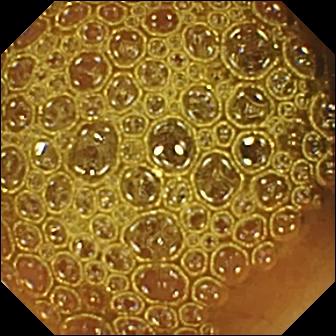Q: What does this capsule endoscopy frame of the small bowel show?
A: Reduced mucosal view (content or bubbles obscuring the mucosa).